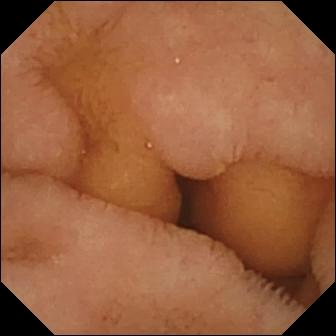Wireless capsule endoscopy view. Normal clean mucosa.